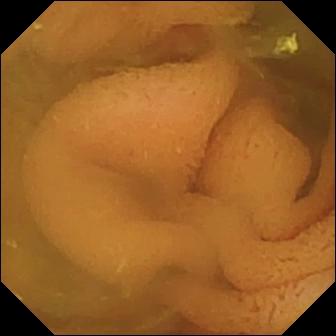This wireless capsule endoscopy view shows normal clean mucosa.